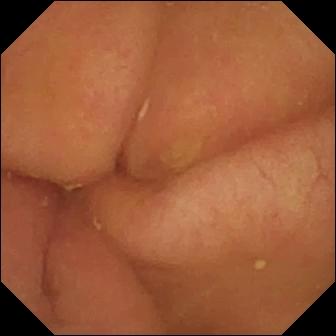This WCE image was taken in the pylorus region.